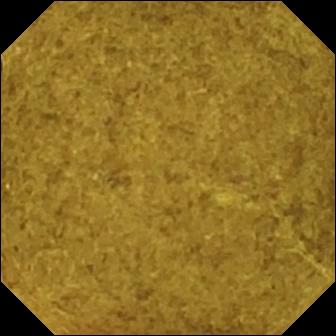Wireless capsule endoscopy — ileo-cecal valve region (the transition from the small bowel to the large bowel).